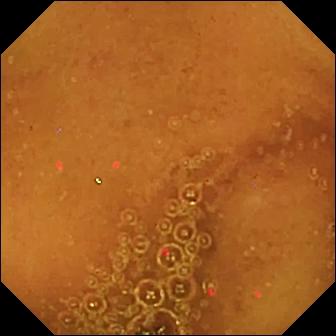Q: What does this VCE still of the small intestine show?
A: Normal clean mucosa.